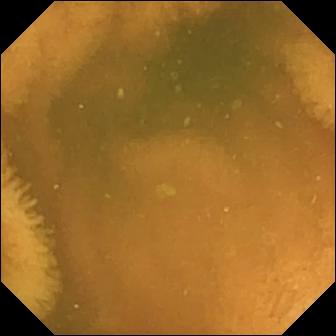Normal clean mucosa (336×336).